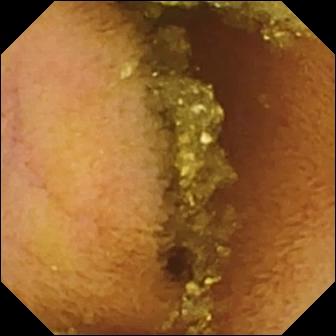Small-bowel capsule endoscopy — normal clean mucosa.